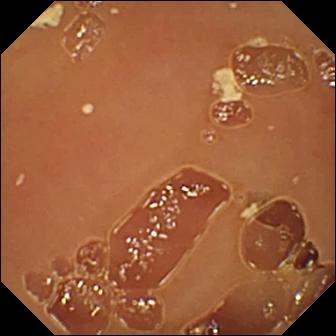Normal clean mucosa — capsule endoscopy image.